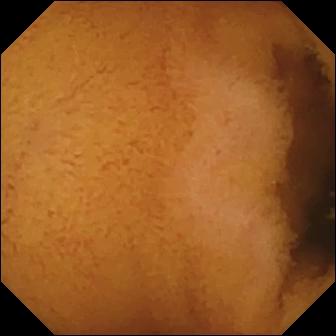- modality: video capsule endoscopy
- segment: small intestine
- category: luminal finding
- impression: normal clean mucosa